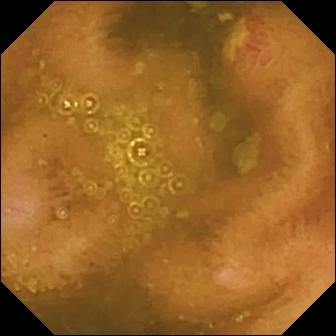{"modality": "capsule endoscopy", "finding": "ulcer"}